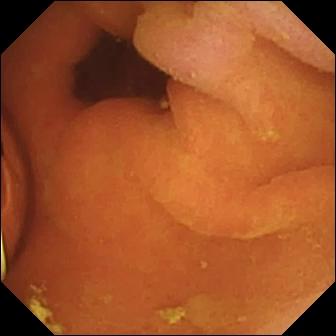PROCEDURE: Video capsule endoscopy.
FINDINGS: Foreign body (e.g. retained capsule, tablet residue).